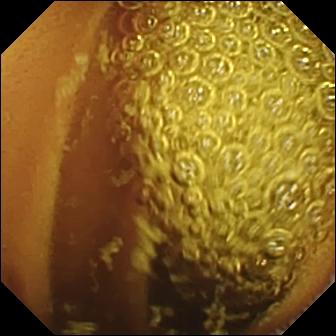- modality: video capsule endoscopy
- segment: small intestine
- category: luminal finding
- finding: normal clean mucosa